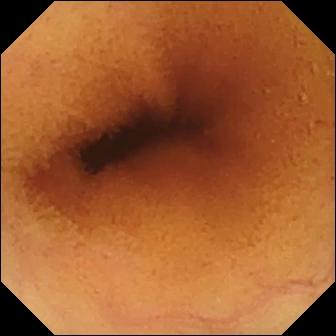Normal clean mucosa.